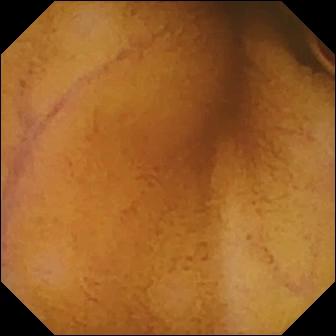Q: What does this capsule endoscopy snapshot show?
A: Normal clean mucosa.